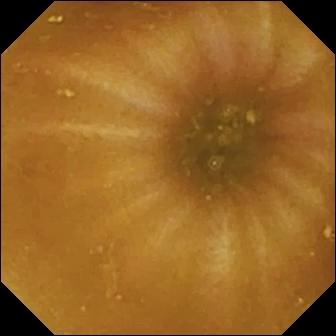modality: video capsule endoscopy | category: anatomical landmark | position: ileo-cecal valve region (where the capsule passes from the small bowel into the large bowel)